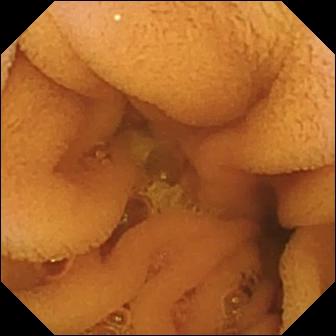- modality: WCE
- label: normal clean mucosa